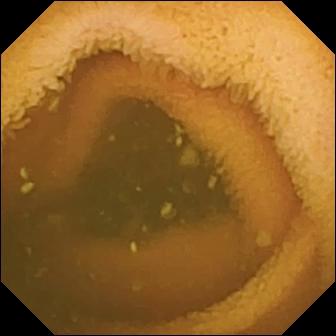modality: small-bowel capsule endoscopy; category: luminal finding; observation: normal clean mucosa